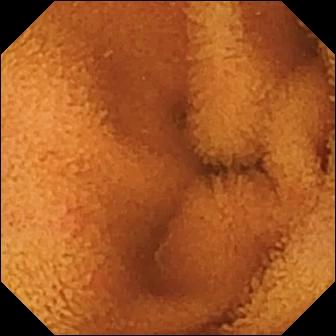Normal clean mucosa — WCE frame of the small intestine.